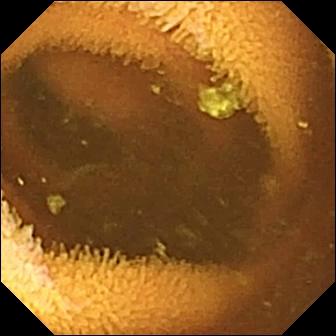PROCEDURE: Video capsule endoscopy.
FINDINGS: Normal clean mucosa.